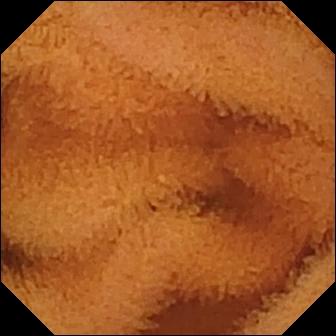- modality: wireless capsule endoscopy
- segment: small bowel
- category: luminal finding
- impression: normal clean mucosa